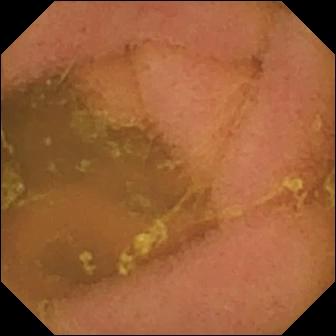Normal clean mucosa — small-bowel capsule endoscopy image.